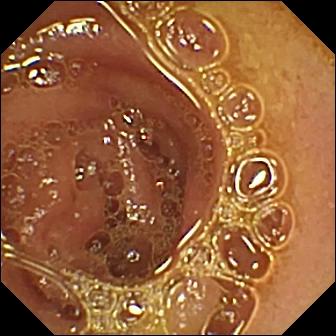- modality: video capsule endoscopy
- segment: small intestine
- label: normal clean mucosa